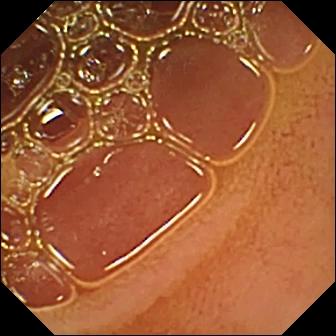Video capsule endoscopy frame (small intestine). Normal clean mucosa.